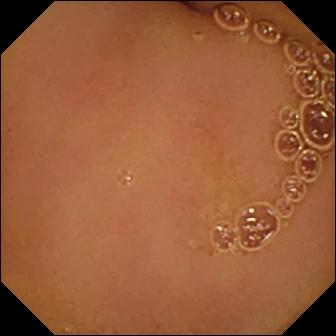Capsule endoscopy still showing normal clean mucosa.